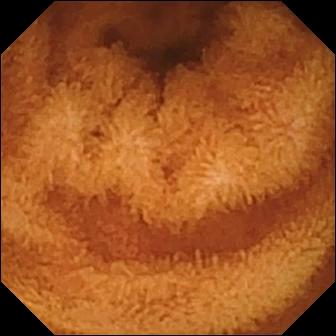VCE image (small intestine). Normal clean mucosa.